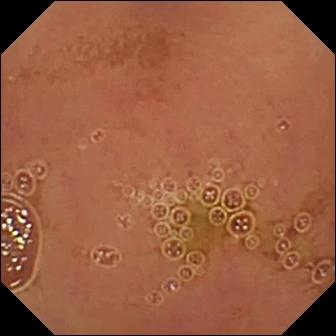Video capsule endoscopy still of the small bowel showing normal clean mucosa.